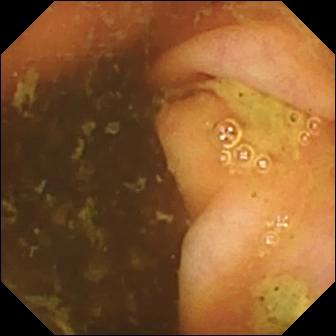Q: Where in the digestive tract was this wireless capsule endoscopy view taken?
A: Ileo-cecal valve region (where the capsule passes from the small bowel into the large bowel).